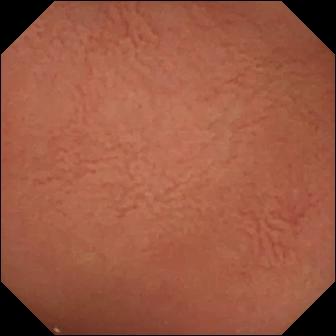{"modality": "video capsule endoscopy", "video_segment": "pylorus region"}